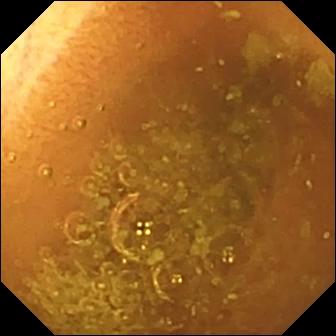Normal clean mucosa.